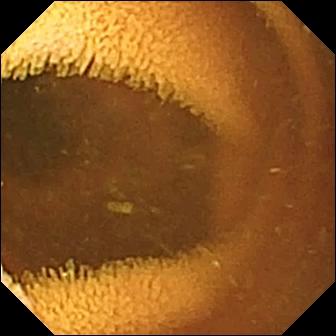Normal clean mucosa.